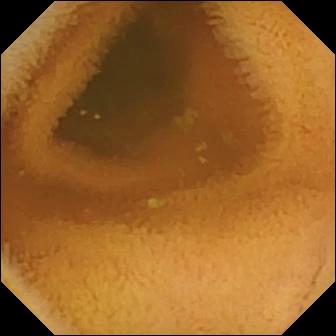- modality: capsule endoscopy
- observation: normal clean mucosa